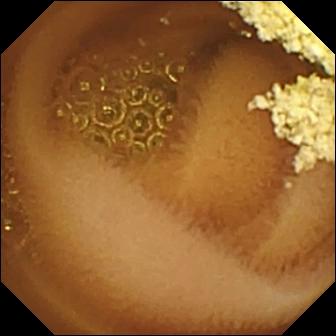Q: What does this capsule endoscopy view show?
A: Normal clean mucosa.